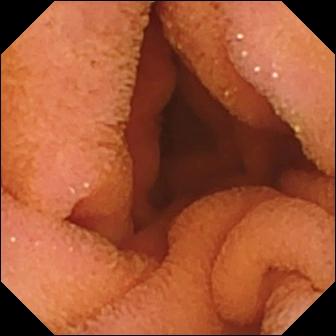VCE. Small intestine. Observation: normal clean mucosa.